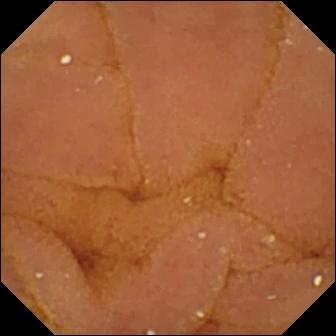{"modality": "VCE", "finding": "normal clean mucosa"}